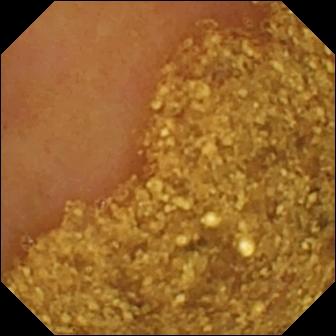Ileo-cecal valve region (the transition from the small bowel to the large bowel) — capsule endoscopy image.